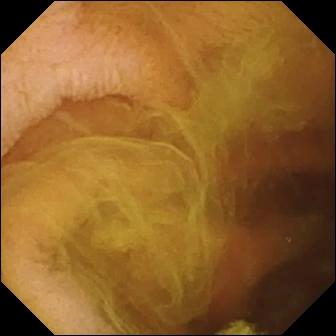Q: What does this video capsule endoscopy still of the small bowel show?
A: Normal clean mucosa.